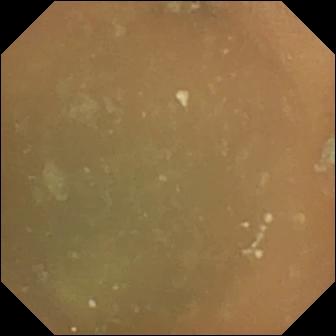Normal clean mucosa — wireless capsule endoscopy view.